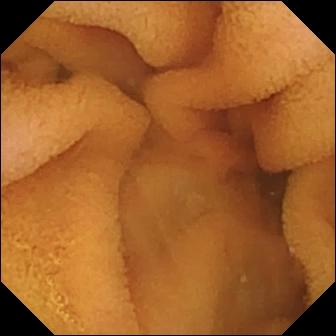Capsule endoscopy still (small bowel). Normal clean mucosa.